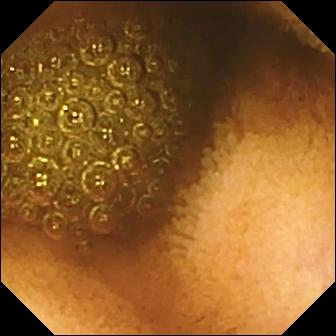Reduced mucosal view (content or bubbles obscuring the mucosa) (336×336).